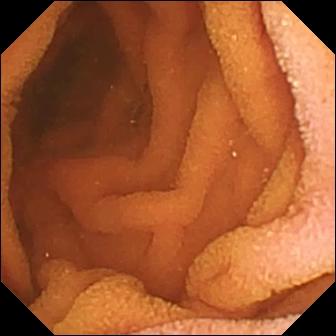Normal clean mucosa.